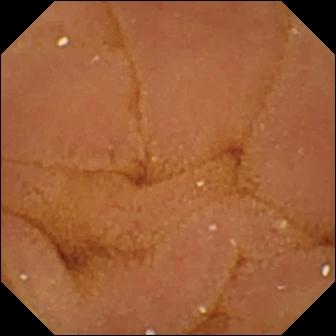{"modality": "VCE", "finding": "normal clean mucosa"}